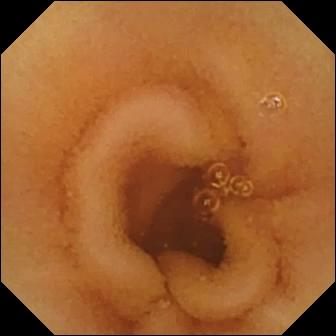PROCEDURE: WCE.
FINDINGS: Normal clean mucosa.